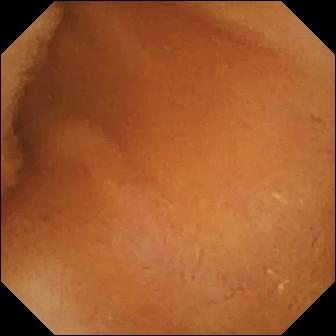This capsule endoscopy still shows normal clean mucosa.